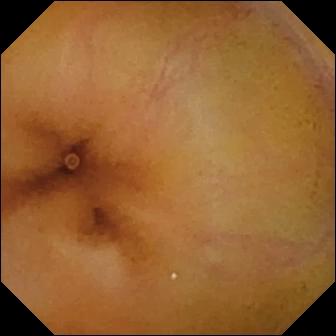Normal clean mucosa.